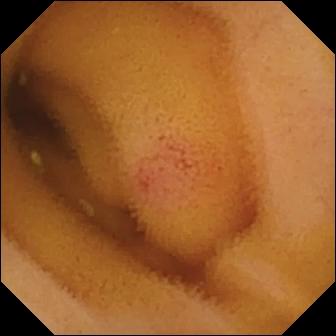Small-bowel capsule endoscopy frame showing angiectasia.